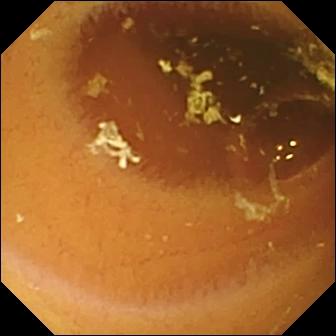Small-bowel capsule endoscopy still, small bowel
Impression: normal clean mucosa